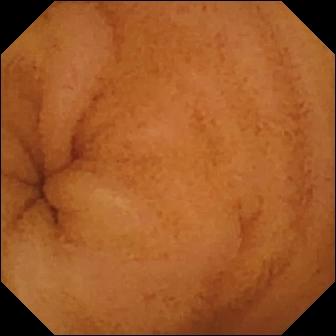Wireless capsule endoscopy frame showing normal clean mucosa.